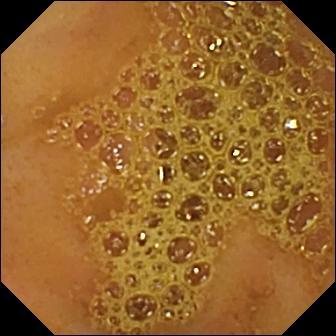Ileo-cecal valve region (where the capsule passes from the small bowel into the large bowel) — video capsule endoscopy view.